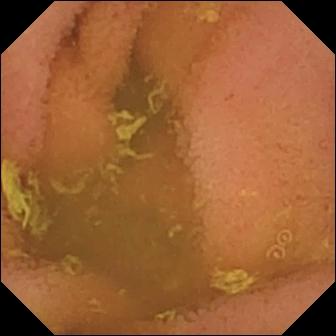PROCEDURE: VCE.
SEGMENT: Small intestine.
FINDINGS: Normal clean mucosa.